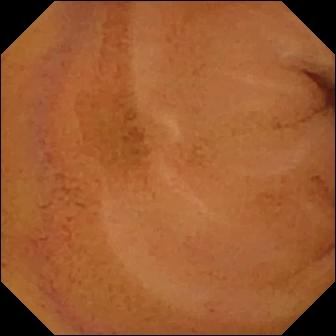modality: VCE | finding: normal clean mucosa